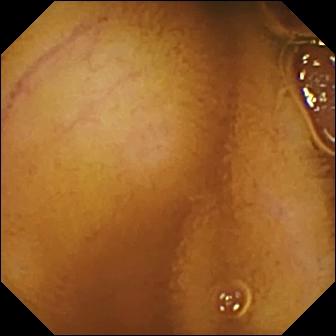{"modality": "wireless capsule endoscopy", "segment": "small bowel", "category": "luminal finding", "finding": "normal clean mucosa"}